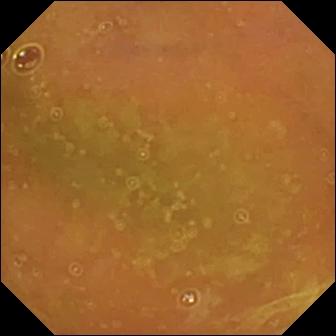- modality: capsule endoscopy
- segment: small bowel
- category: luminal finding
- observation: normal clean mucosa